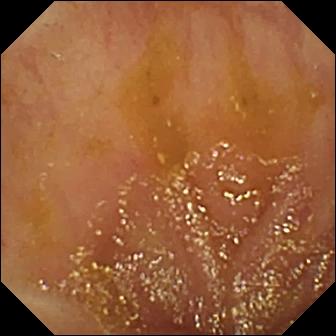Q: Where in the digestive tract was this VCE still taken?
A: Ileo-cecal valve region.